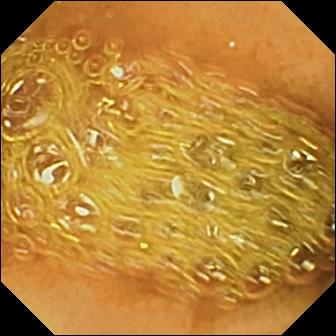This capsule endoscopy still of the small bowel shows reduced mucosal view (content or bubbles obscuring the mucosa).